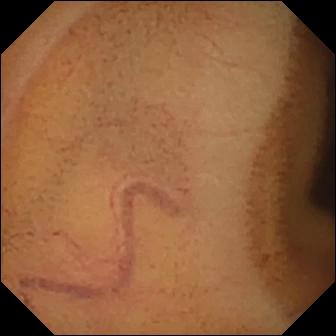This wireless capsule endoscopy frame shows normal clean mucosa.